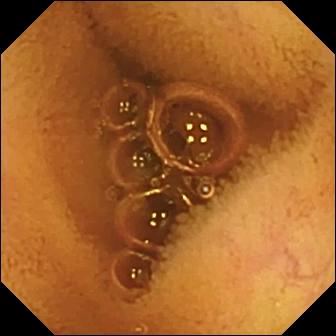{"modality": "WCE", "category": "luminal finding", "finding": "normal clean mucosa"}